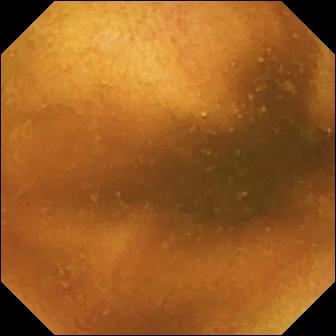PROCEDURE: Capsule endoscopy.
SEGMENT: Small bowel.
FINDINGS: Normal clean mucosa.